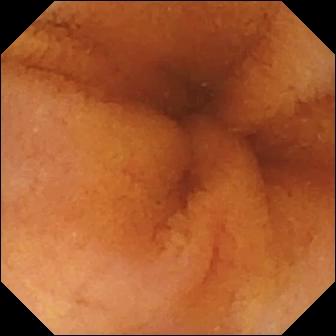PROCEDURE: Small-bowel capsule endoscopy.
FINDINGS: Normal clean mucosa.